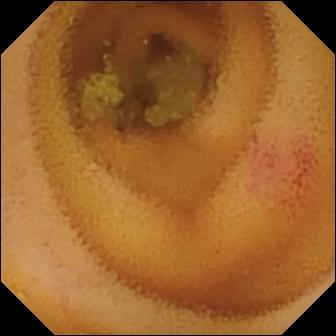- modality: wireless capsule endoscopy
- observation: angiectasia